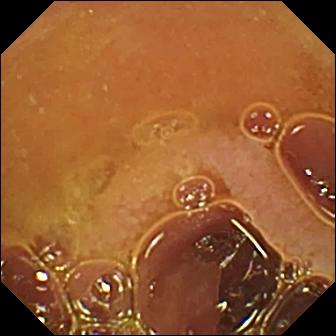VCE still of the small bowel showing normal clean mucosa.